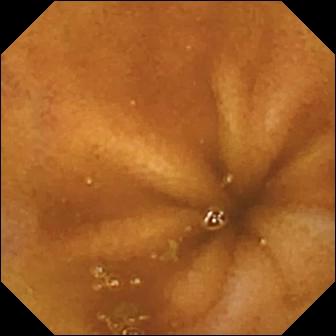This video capsule endoscopy snapshot shows normal clean mucosa.